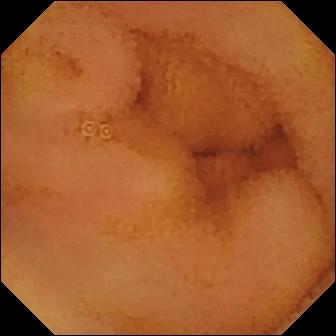Video capsule endoscopy snapshot (small intestine). Normal clean mucosa.